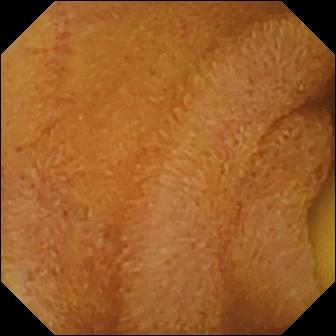Foreign body (e.g. retained capsule, tablet residue) — WCE view.